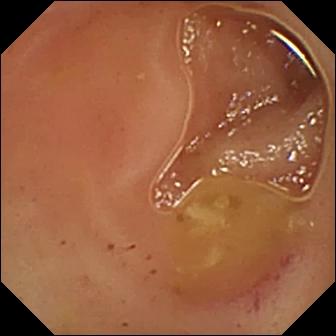Small-bowel capsule endoscopy image showing erythema (mucosal redness).